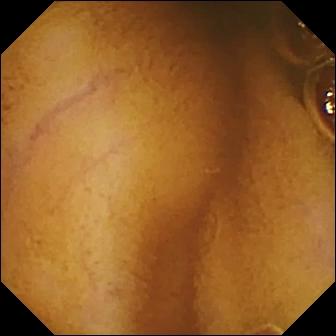Normal clean mucosa.